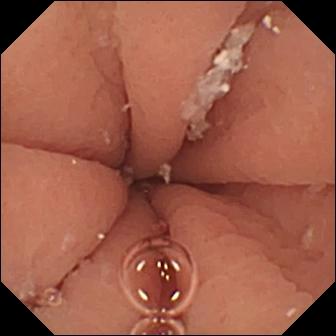Wireless capsule endoscopy view taken in the pylorus region (the junction between the stomach and the small bowel).